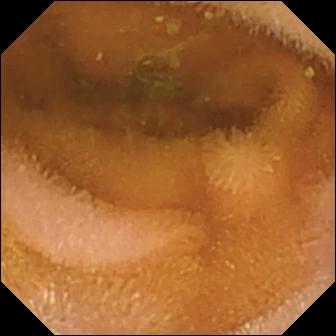modality: small-bowel capsule endoscopy | segment: small intestine | impression: normal clean mucosa